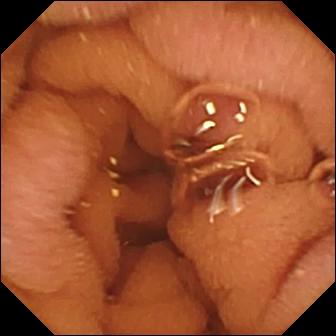{"modality": "VCE", "finding": "normal clean mucosa"}